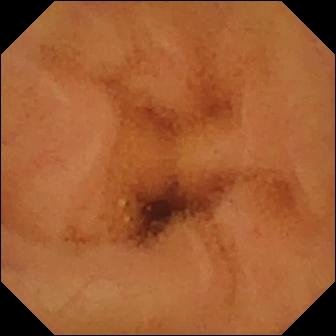Capsule endoscopy still (small bowel). Normal clean mucosa.